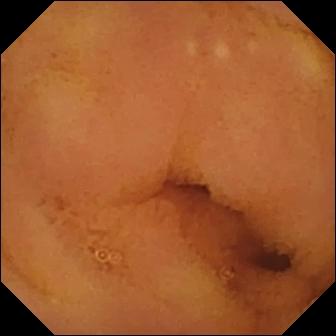Small-bowel capsule endoscopy image showing normal clean mucosa.